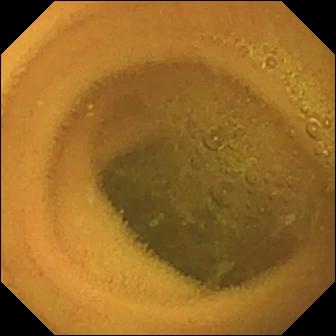Normal clean mucosa (336×336).